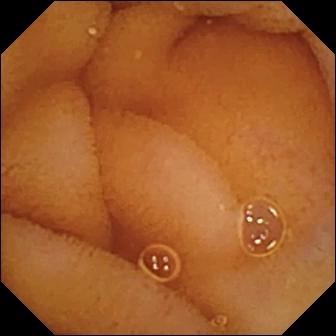modality: wireless capsule endoscopy; segment: small bowel; label: normal clean mucosa